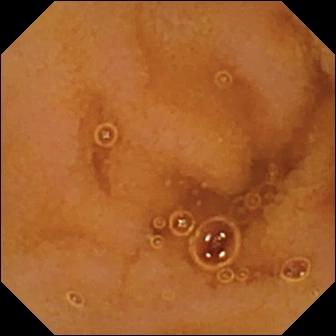Small-bowel capsule endoscopy image of the small intestine showing normal clean mucosa.